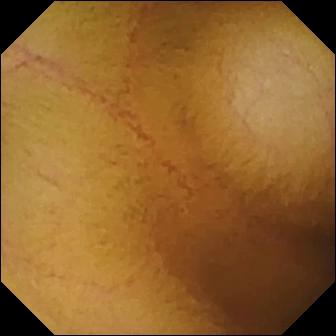This video capsule endoscopy snapshot of the small bowel shows normal clean mucosa.